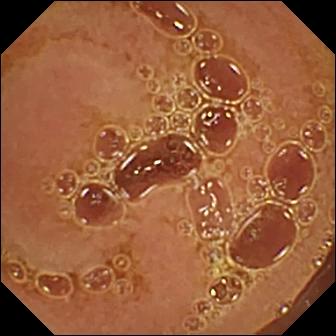Q: What does this small-bowel capsule endoscopy still show?
A: Normal clean mucosa.